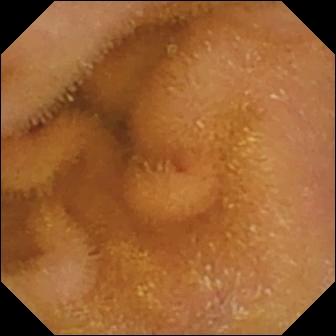WCE snapshot showing normal clean mucosa.